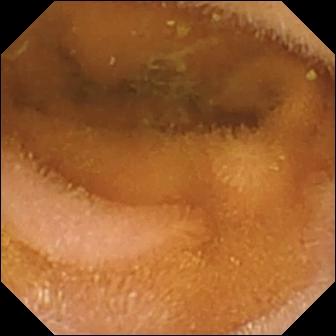WCE view of the small bowel showing normal clean mucosa.